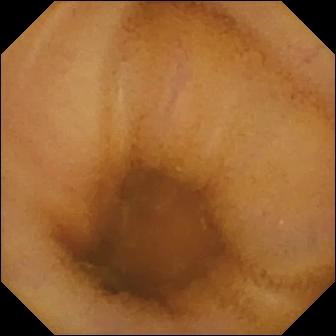modality: small-bowel capsule endoscopy | impression: normal clean mucosa